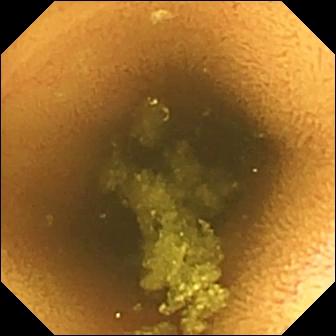PROCEDURE: WCE.
SEGMENT: Small bowel.
FINDINGS: Normal clean mucosa.